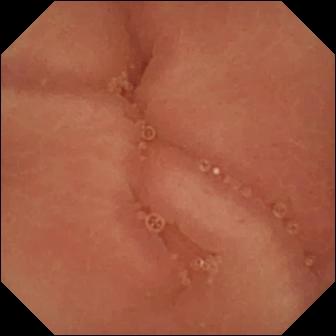Pylorus region (the junction between the stomach and the small bowel) — video capsule endoscopy image.